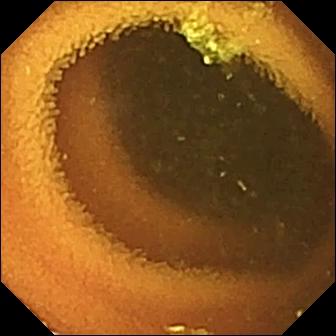This VCE snapshot shows normal clean mucosa.